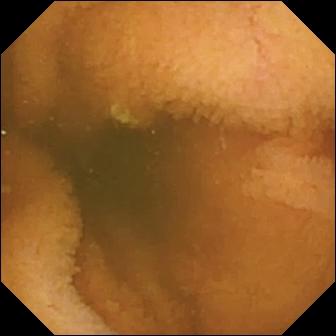PROCEDURE: Video capsule endoscopy.
SEGMENT: Small bowel.
FINDINGS: Normal clean mucosa.